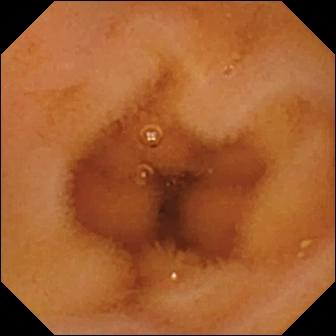Small-bowel capsule endoscopy frame
Observation: normal clean mucosa